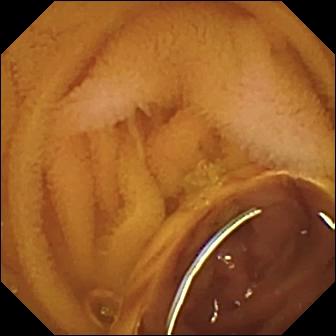PROCEDURE: Capsule endoscopy.
SEGMENT: Small intestine.
FINDINGS: Normal clean mucosa.